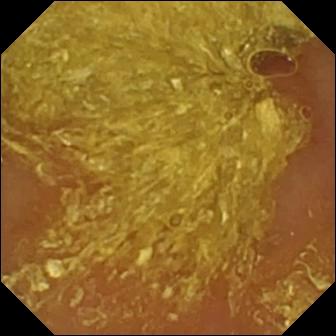This capsule endoscopy view shows reduced mucosal view (content or bubbles obscuring the mucosa).